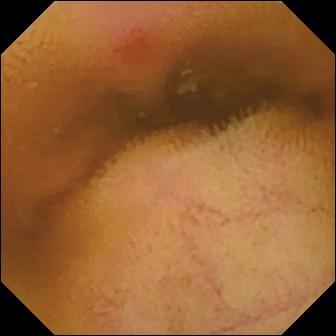VCE — erythema (mucosal redness).